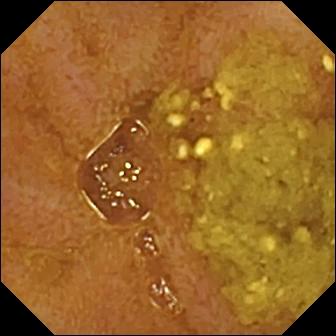PROCEDURE: VCE.
LOCATION: Ileo-cecal valve region (the transition from the small bowel to the large bowel).